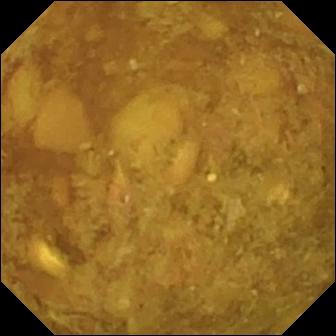Video capsule endoscopy view showing reduced mucosal view (content or bubbles obscuring the mucosa).